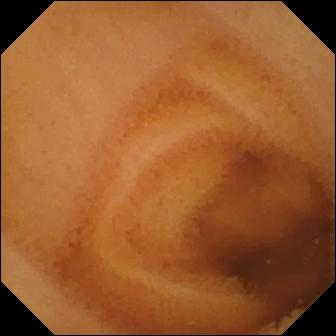This WCE snapshot shows normal clean mucosa.